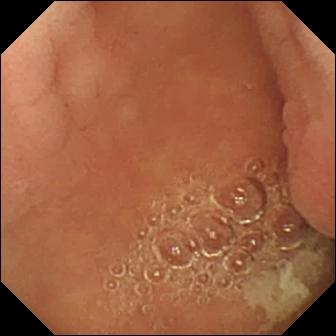Q: Where in the digestive tract was this WCE still taken?
A: Pylorus region (where the capsule passes from the stomach into the small bowel).